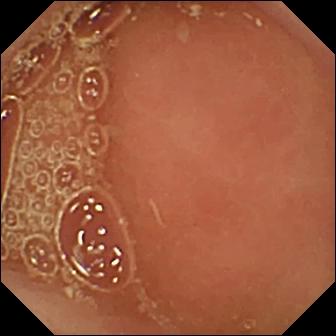modality: video capsule endoscopy | label: pylorus region